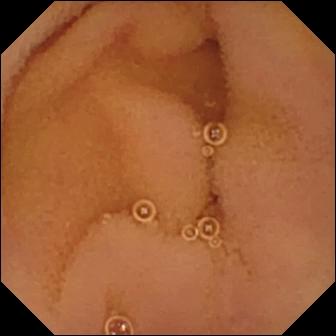Normal clean mucosa.